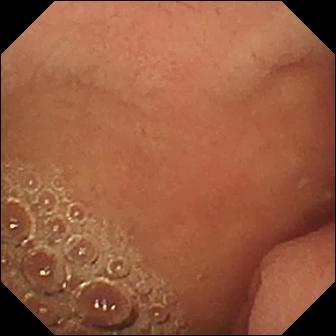VCE snapshot
Location: pylorus region